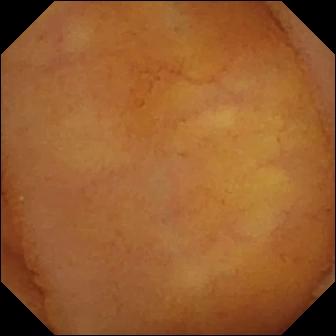Wireless capsule endoscopy. Small intestine. Finding: normal clean mucosa.